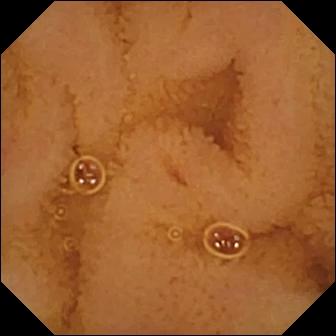PROCEDURE: WCE.
FINDINGS: Normal clean mucosa.